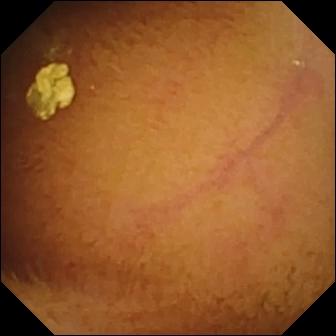VCE snapshot showing normal clean mucosa.